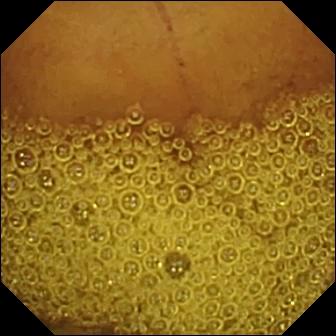WCE. Small bowel. Luminal finding. Label: normal clean mucosa.